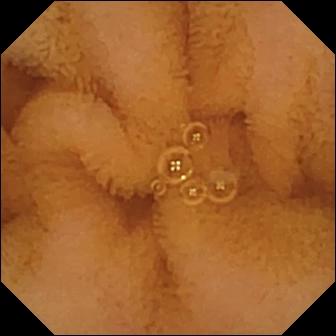Video capsule endoscopy. Small bowel. Luminal finding. Observation: normal clean mucosa.